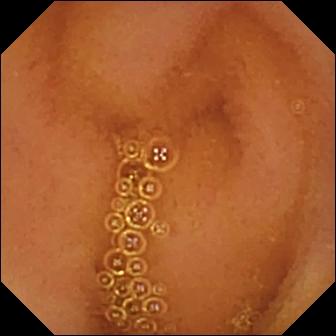Small-bowel capsule endoscopy — normal clean mucosa.